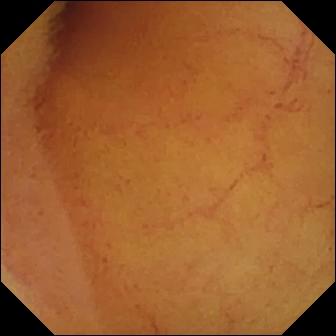Capsule endoscopy. Finding: normal clean mucosa.